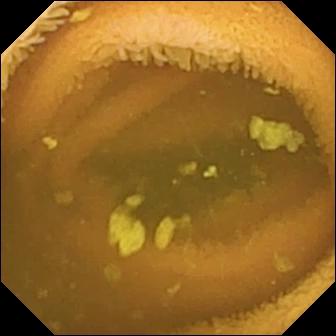Q: What does this video capsule endoscopy snapshot show?
A: Normal clean mucosa.